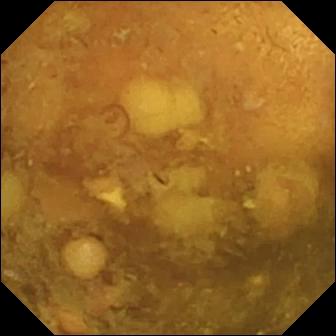modality: video capsule endoscopy
segment: small bowel
category: luminal finding
label: reduced mucosal view (content or bubbles obscuring the mucosa)